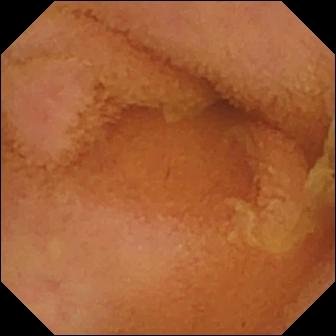modality: video capsule endoscopy
segment: small bowel
category: luminal finding
observation: normal clean mucosa